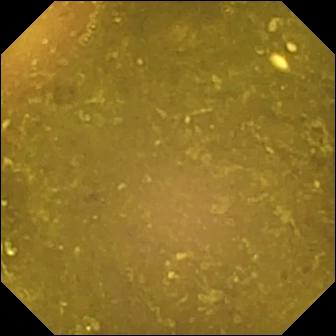PROCEDURE: WCE.
FINDINGS: Reduced mucosal view (content or bubbles obscuring the mucosa).